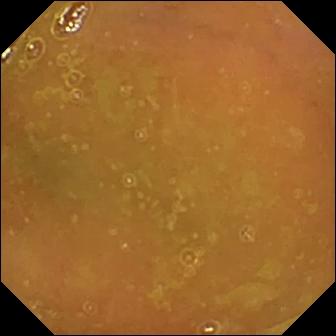PROCEDURE: Small-bowel capsule endoscopy.
SEGMENT: Small intestine.
FINDINGS: Normal clean mucosa.